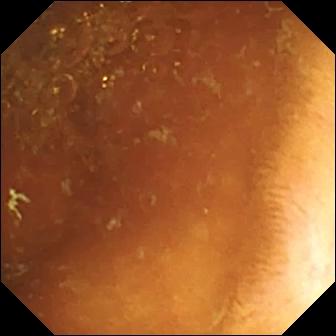{"modality": "WCE", "segment": "small intestine", "finding": "normal clean mucosa"}